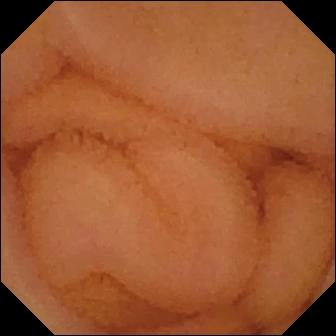This WCE still shows normal clean mucosa.